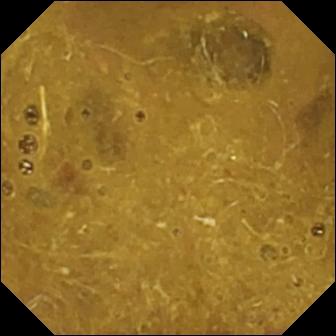PROCEDURE: Video capsule endoscopy.
LOCATION: Ileo-cecal valve region (where the capsule passes from the small bowel into the large bowel).